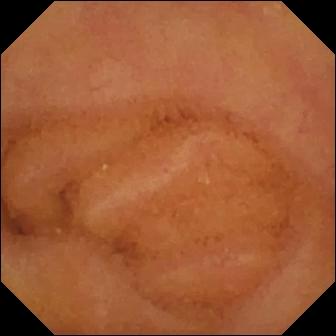Normal clean mucosa (336×336).